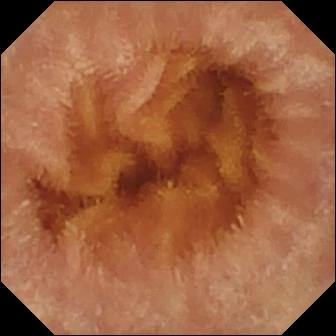Q: What does this WCE frame show?
A: Normal clean mucosa.